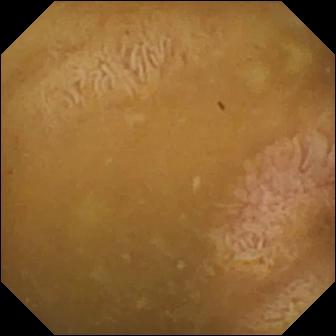- modality: small-bowel capsule endoscopy
- category: anatomical landmark
- video segment: ileo-cecal valve region (where the capsule passes from the small bowel into the large bowel)